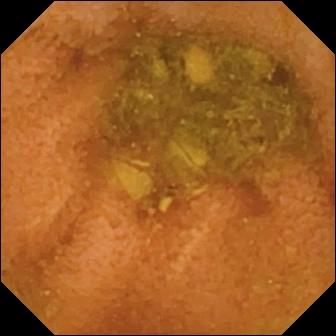- modality: video capsule endoscopy
- segment: small bowel
- observation: normal clean mucosa